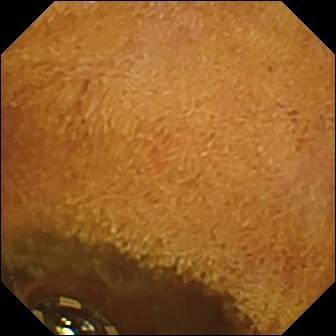Foreign body (e.g. retained capsule, tablet residue) — WCE frame.